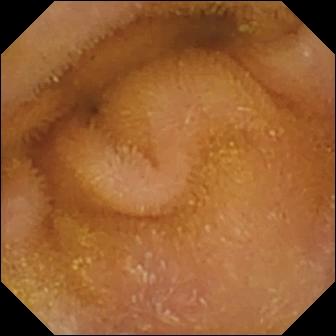WCE still showing normal clean mucosa.